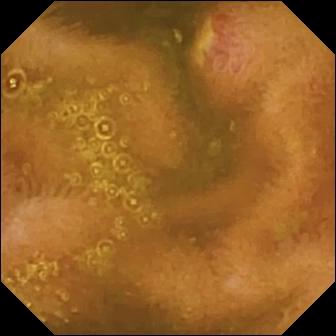Capsule endoscopy view showing ulcer.